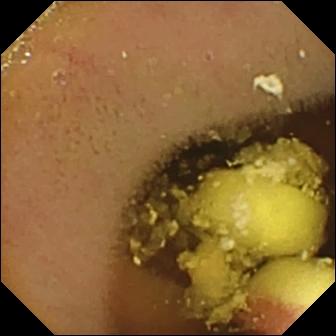modality: wireless capsule endoscopy | label: foreign body (e.g. retained capsule, tablet residue)